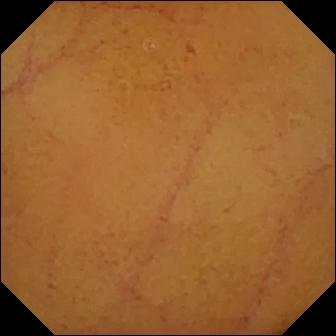This WCE image shows normal clean mucosa.